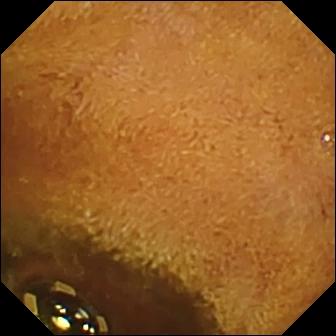Video capsule endoscopy still showing foreign body (e.g. retained capsule, tablet residue).